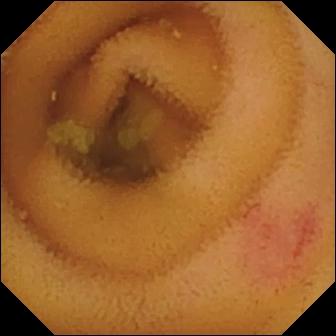Small-bowel capsule endoscopy image
Finding: angiectasia